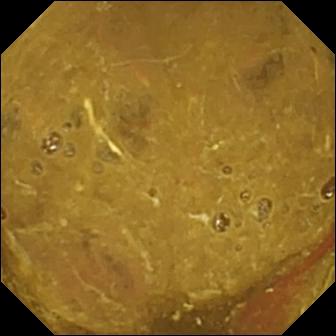Wireless capsule endoscopy snapshot taken in the ileo-cecal valve region (the transition from the small bowel to the large bowel).